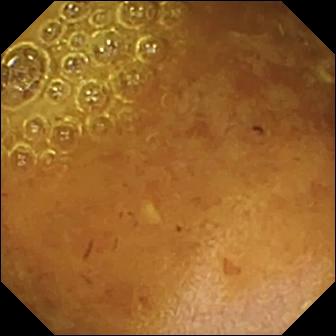- modality: wireless capsule endoscopy
- observation: reduced mucosal view (content or bubbles obscuring the mucosa)